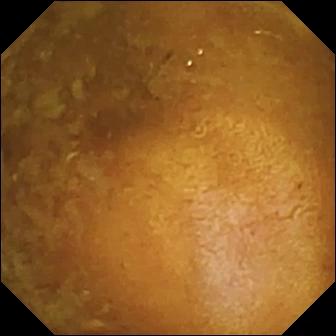This VCE snapshot shows reduced mucosal view (content or bubbles obscuring the mucosa).